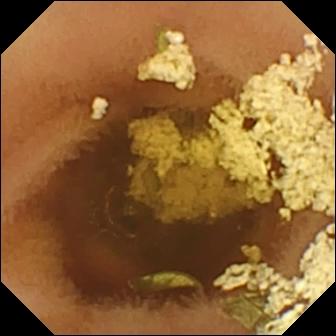{"modality": "video capsule endoscopy", "finding": "normal clean mucosa"}